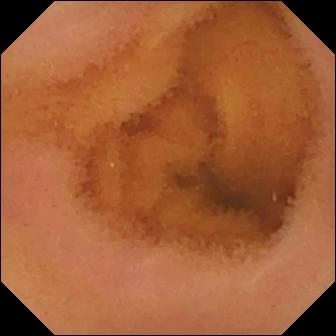WCE snapshot showing normal clean mucosa.